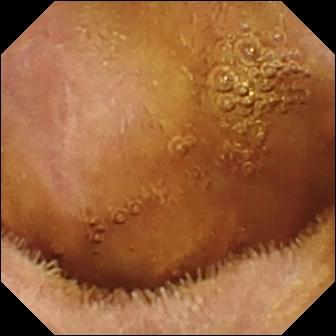Capsule endoscopy view (small intestine). Normal clean mucosa.